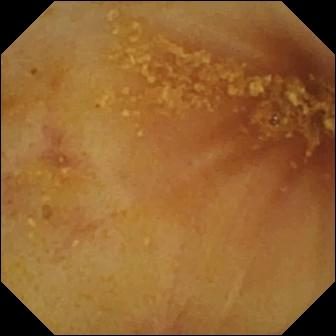VCE — ileo-cecal valve region (the transition from the small bowel to the large bowel).